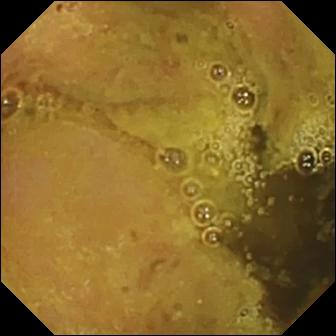Ileo-cecal valve region.